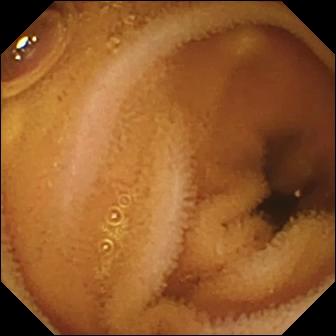This video capsule endoscopy still shows normal clean mucosa.